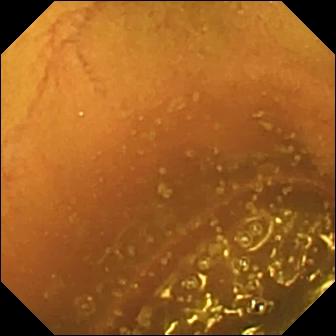modality: wireless capsule endoscopy
observation: normal clean mucosa